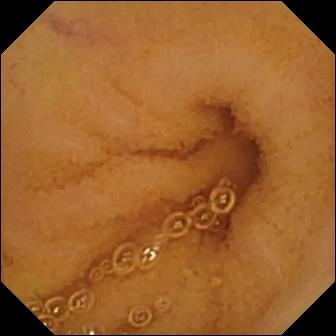VCE snapshot
Label: normal clean mucosa